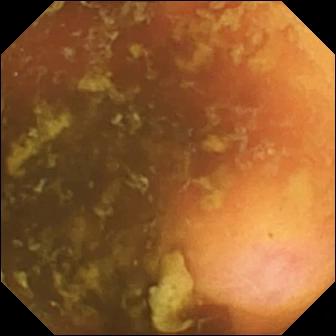VCE snapshot. Taken in the ileo-cecal valve region (where the capsule passes from the small bowel into the large bowel).